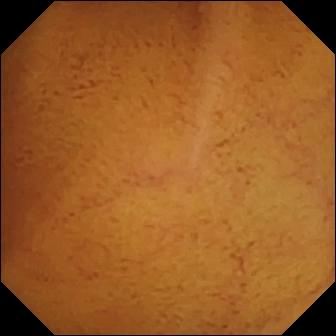- modality: wireless capsule endoscopy
- label: normal clean mucosa